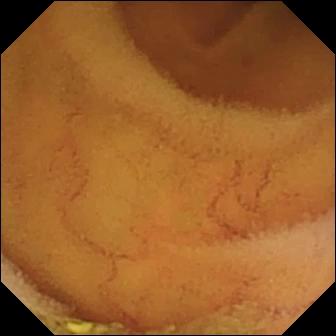Capsule endoscopy view (small bowel), 336×336. Normal clean mucosa.